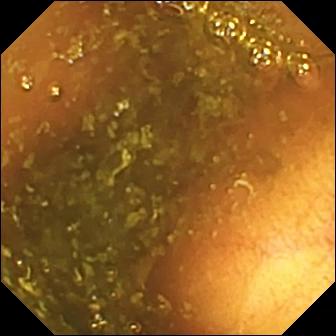{"modality": "wireless capsule endoscopy", "label": "ileo-cecal valve region (the transition from the small bowel to the large bowel)"}